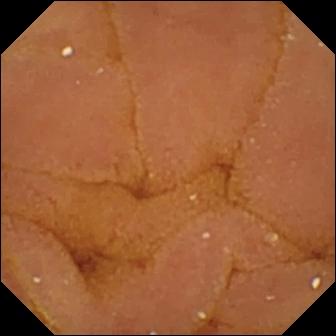Small-bowel capsule endoscopy still of the small bowel showing normal clean mucosa.